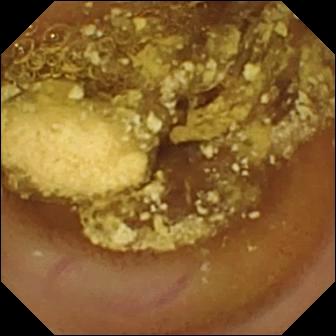Video capsule endoscopy — foreign body (e.g. retained capsule, tablet residue).